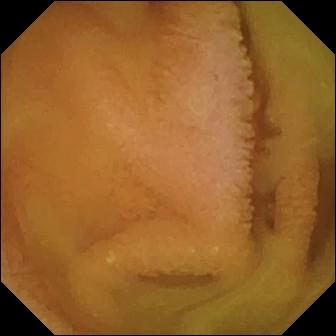{"modality": "VCE", "finding": "normal clean mucosa"}